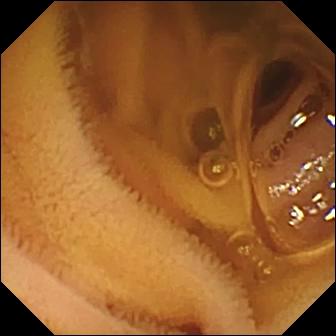Normal clean mucosa.